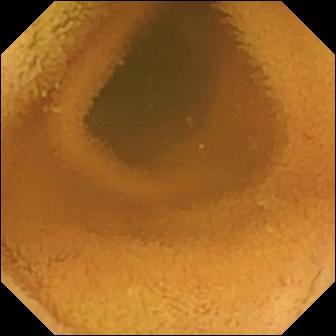Q: What does this VCE snapshot of the small intestine show?
A: Normal clean mucosa.